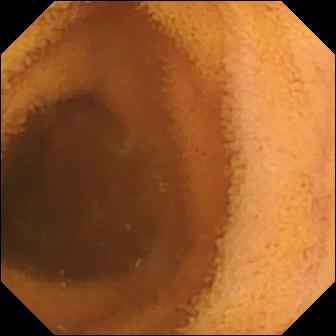Wireless capsule endoscopy image showing normal clean mucosa.